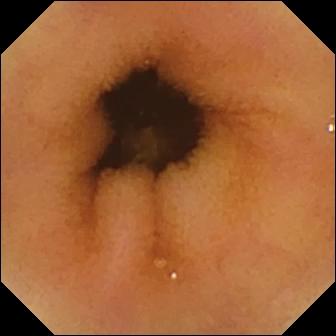VCE view
Finding: normal clean mucosa